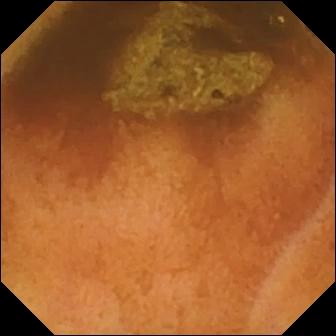{"modality": "small-bowel capsule endoscopy", "segment": "small bowel", "category": "luminal finding", "finding": "normal clean mucosa"}